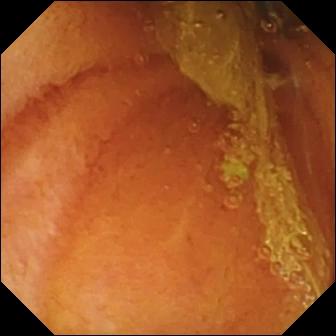{"modality": "VCE", "segment": "small intestine", "finding": "normal clean mucosa"}